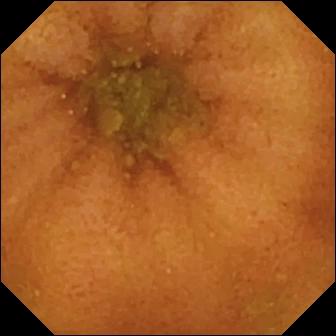Normal clean mucosa.